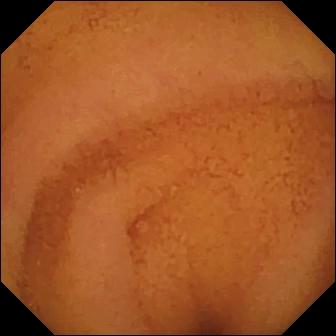- modality: small-bowel capsule endoscopy
- observation: normal clean mucosa